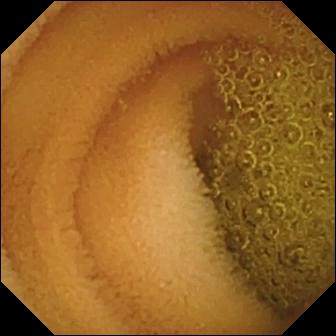Wireless capsule endoscopy view, small intestine
Label: normal clean mucosa